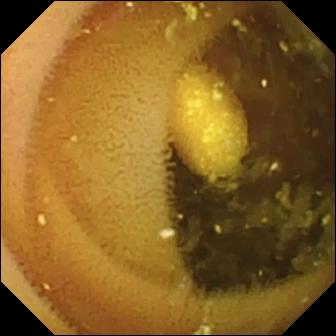Lymphangiectasia.